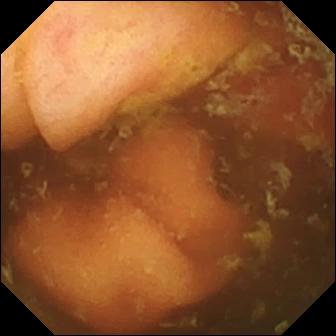- modality: small-bowel capsule endoscopy
- location: ileo-cecal valve region (where the capsule passes from the small bowel into the large bowel)